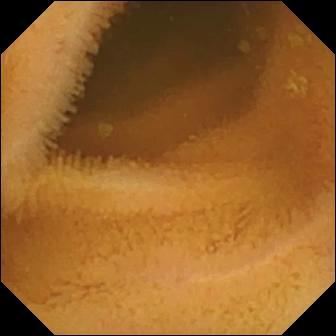- modality: small-bowel capsule endoscopy
- category: luminal finding
- observation: normal clean mucosa